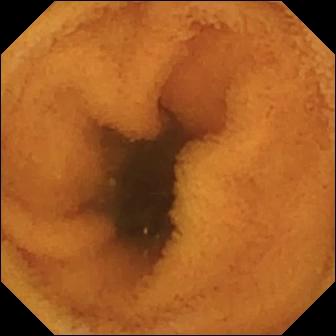modality: wireless capsule endoscopy | segment: small bowel | category: luminal finding | finding: normal clean mucosa